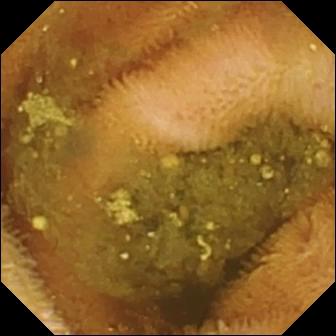Wireless capsule endoscopy image
Impression: reduced mucosal view (content or bubbles obscuring the mucosa)